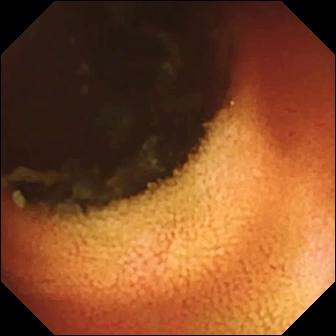This small-bowel capsule endoscopy snapshot was taken in the ileo-cecal valve region (where the capsule passes from the small bowel into the large bowel).